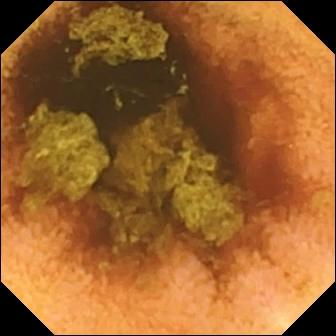This capsule endoscopy still of the small intestine shows normal clean mucosa.